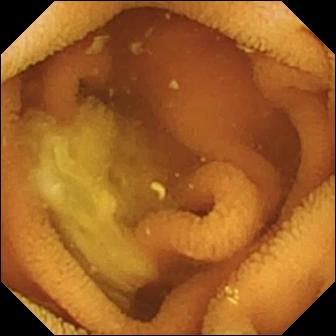Capsule endoscopy image
Impression: normal clean mucosa